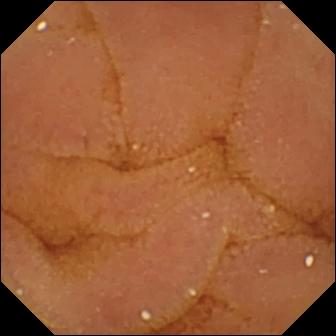Video capsule endoscopy view
Observation: normal clean mucosa